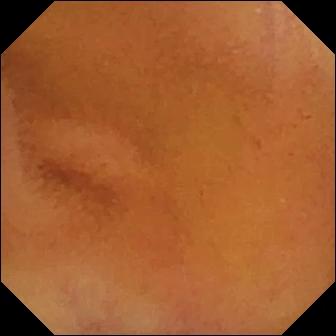PROCEDURE: Wireless capsule endoscopy.
SEGMENT: Small intestine.
FINDINGS: Normal clean mucosa.